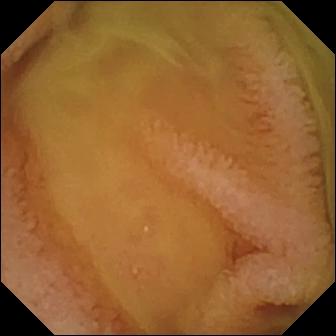WCE — normal clean mucosa.